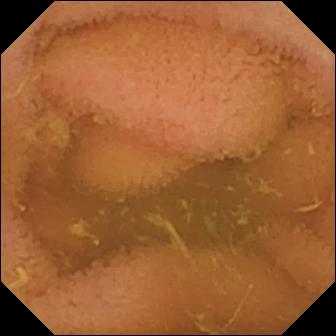PROCEDURE: Video capsule endoscopy.
SEGMENT: Small intestine.
FINDINGS: Normal clean mucosa.